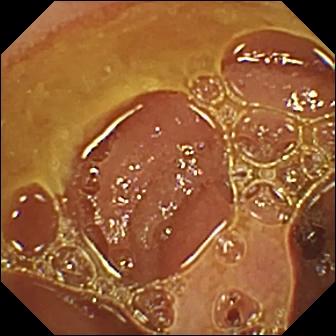Capsule endoscopy image. Normal clean mucosa.